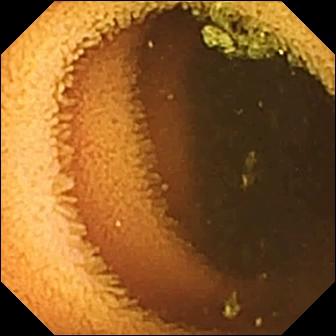modality: WCE | category: luminal finding | impression: normal clean mucosa